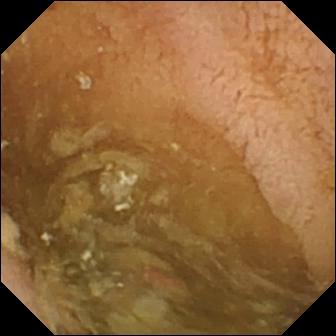Pylorus region — small-bowel capsule endoscopy still.